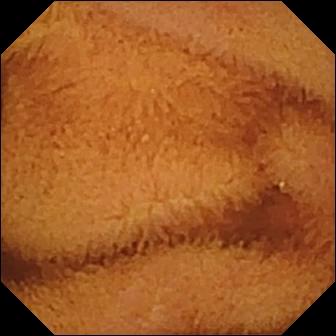Wireless capsule endoscopy — normal clean mucosa.